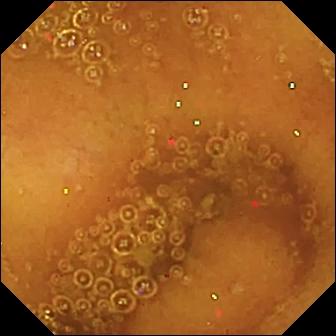VCE still showing normal clean mucosa.